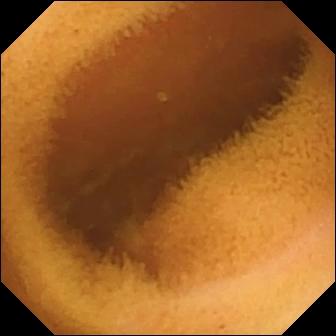Wireless capsule endoscopy still (small intestine), 336×336. Normal clean mucosa.